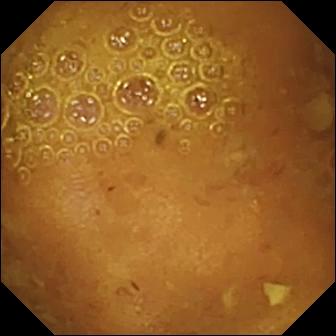PROCEDURE: Wireless capsule endoscopy.
SEGMENT: Small intestine.
FINDINGS: Reduced mucosal view (content or bubbles obscuring the mucosa).